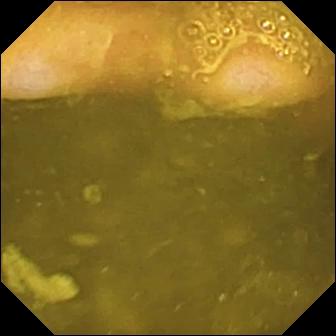PROCEDURE: VCE.
LABEL: Ileo-cecal valve region.